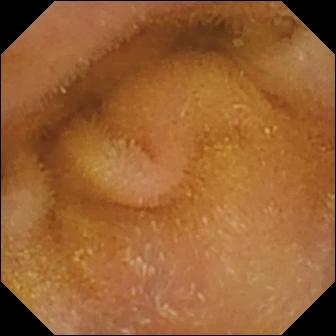Wireless capsule endoscopy — normal clean mucosa.